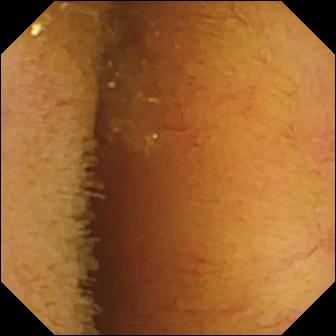- modality: wireless capsule endoscopy
- observation: normal clean mucosa